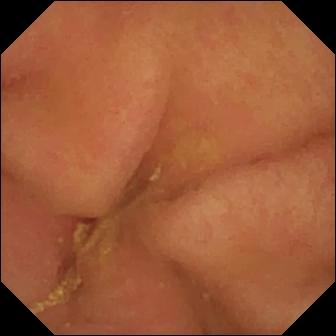PROCEDURE: Small-bowel capsule endoscopy.
LABEL: Pylorus region (where the capsule passes from the stomach into the small bowel).